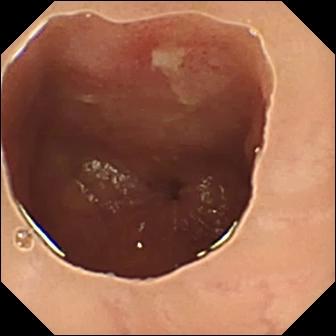Small-bowel capsule endoscopy — ulcer.